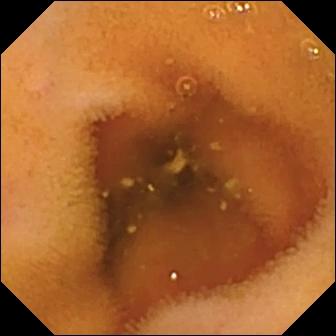Video capsule endoscopy still
Finding: normal clean mucosa